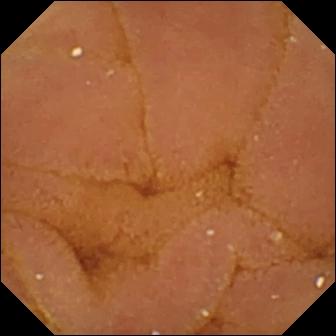Normal clean mucosa — WCE still.